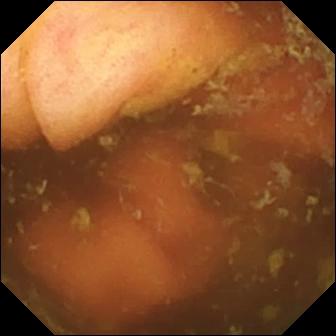PROCEDURE: VCE.
POSITION: Ileo-cecal valve region.